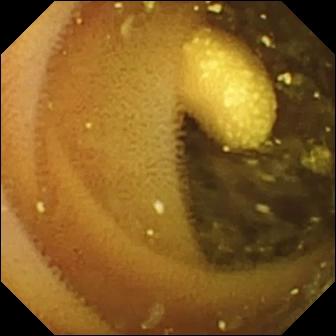Wireless capsule endoscopy snapshot
Finding: lymphangiectasia